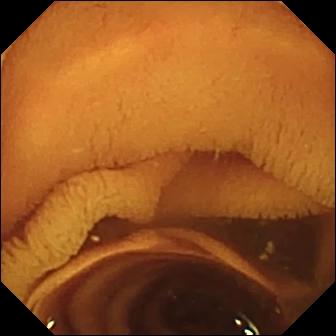{"modality": "video capsule endoscopy", "segment": "small intestine", "finding": "normal clean mucosa"}